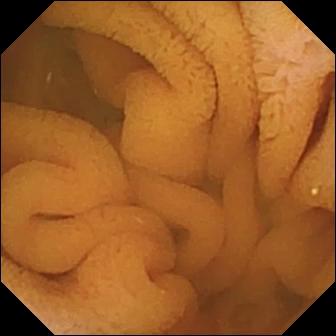This capsule endoscopy frame of the small bowel shows normal clean mucosa.